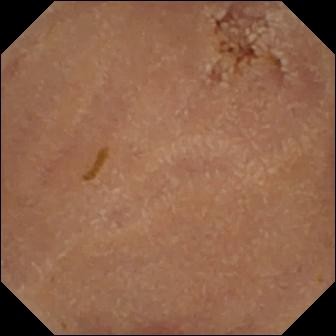PROCEDURE: WCE.
FINDINGS: Normal clean mucosa.